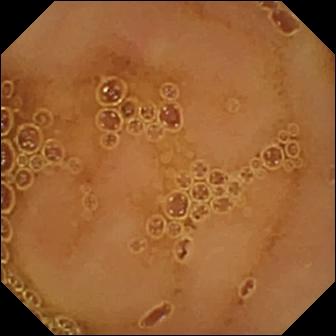{"modality": "wireless capsule endoscopy", "segment": "small bowel", "category": "luminal finding", "finding": "normal clean mucosa"}